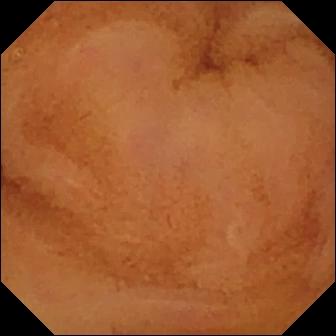Wireless capsule endoscopy image, small bowel
Label: normal clean mucosa